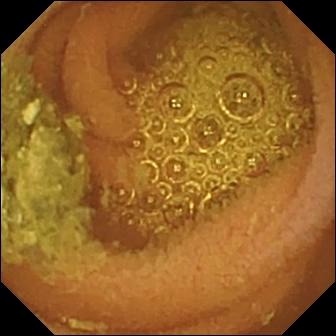Small-bowel capsule endoscopy frame of the small intestine showing normal clean mucosa.